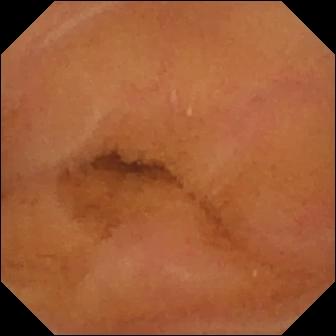PROCEDURE: Capsule endoscopy.
SEGMENT: Small bowel.
FINDINGS: Normal clean mucosa.